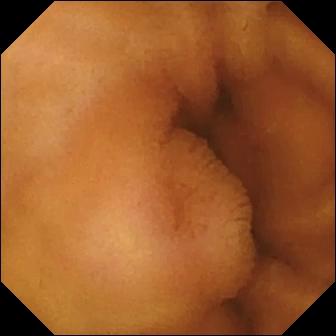Small-bowel capsule endoscopy. Small intestine. Impression: normal clean mucosa.